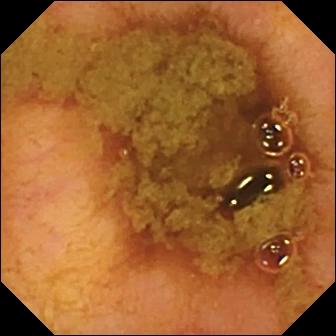This video capsule endoscopy snapshot was taken in the ileo-cecal valve region (the transition from the small bowel to the large bowel).